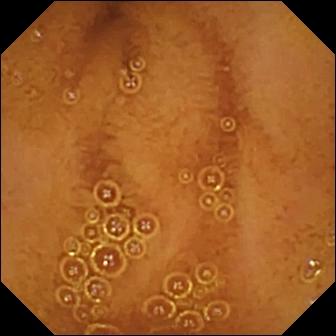Wireless capsule endoscopy view, small intestine
Observation: normal clean mucosa